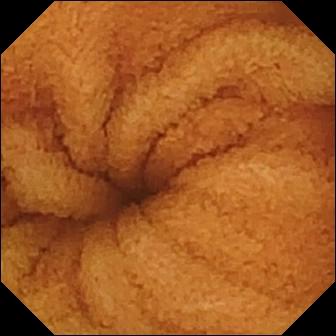Normal clean mucosa.